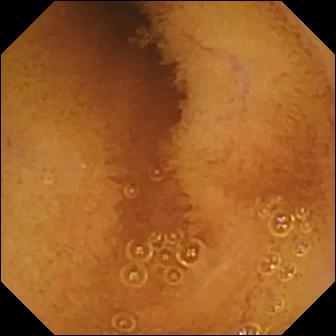VCE view
Observation: normal clean mucosa